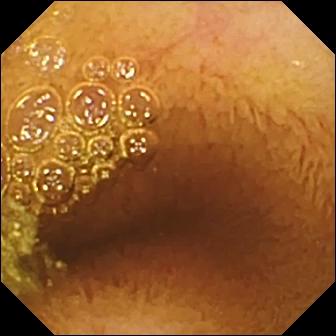Video capsule endoscopy. Finding: normal clean mucosa.